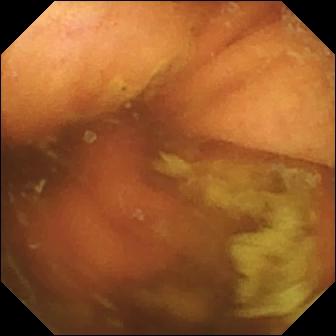Ileo-cecal valve region — small-bowel capsule endoscopy view.